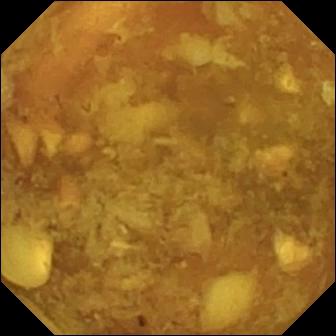- modality: video capsule endoscopy
- segment: small bowel
- category: luminal finding
- observation: reduced mucosal view (content or bubbles obscuring the mucosa)